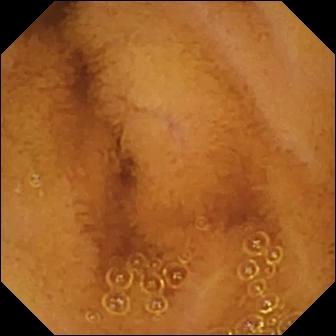Small-bowel capsule endoscopy. Label: normal clean mucosa.